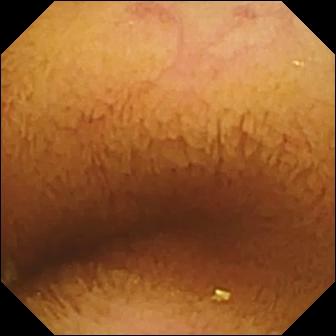- modality: wireless capsule endoscopy
- impression: normal clean mucosa